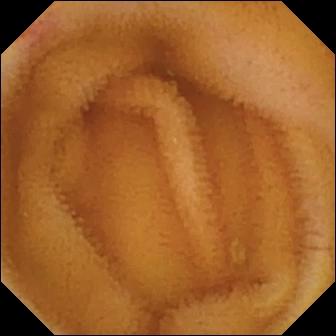Small-bowel capsule endoscopy image showing angiectasia.